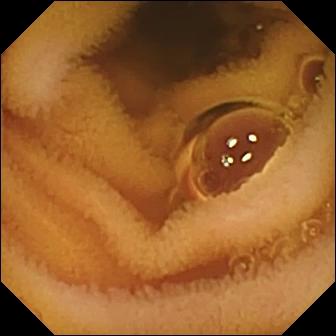Q: What does this VCE still of the small bowel show?
A: Normal clean mucosa.